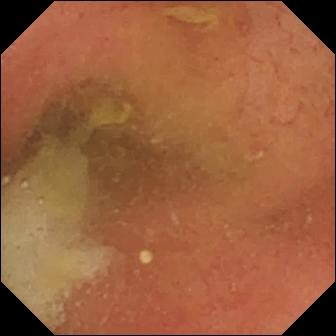Pylorus region (where the capsule passes from the stomach into the small bowel), 336×336.